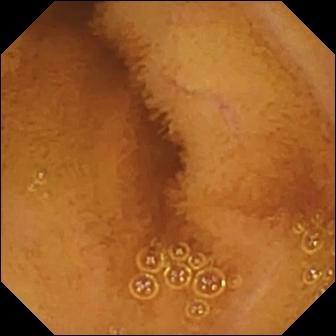This video capsule endoscopy frame of the small bowel shows normal clean mucosa.